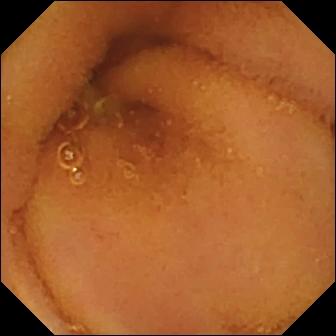This WCE view of the small intestine shows normal clean mucosa.